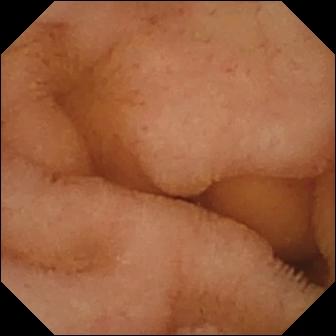- modality: small-bowel capsule endoscopy
- segment: small intestine
- category: luminal finding
- impression: normal clean mucosa